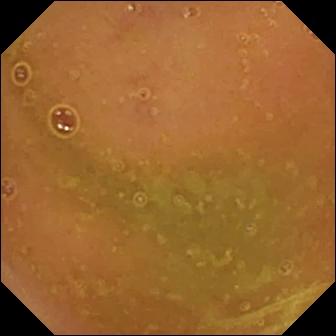Video capsule endoscopy frame showing normal clean mucosa.